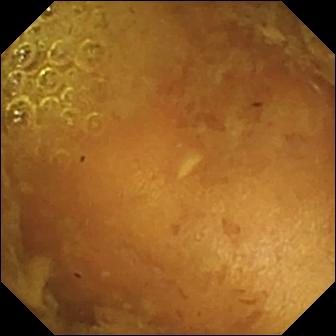VCE — reduced mucosal view (content or bubbles obscuring the mucosa).